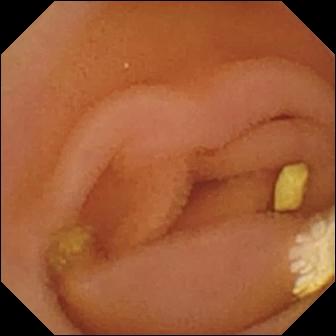Capsule endoscopy — lymphangiectasia.